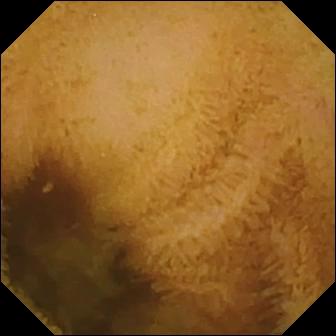WCE image, 336×336. Normal clean mucosa.